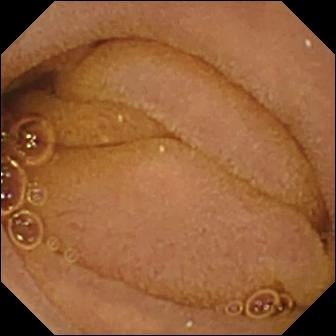VCE frame
Impression: normal clean mucosa